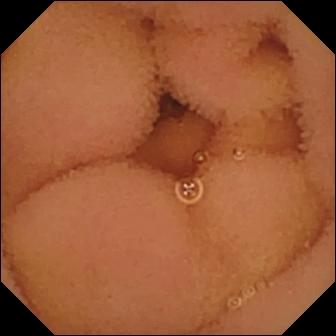Normal clean mucosa (336×336).